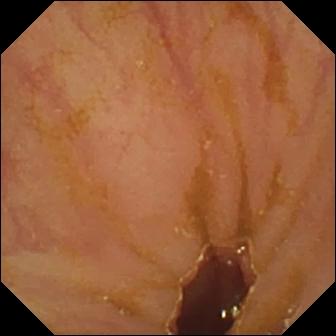Video capsule endoscopy still taken in the ileo-cecal valve region (where the capsule passes from the small bowel into the large bowel).